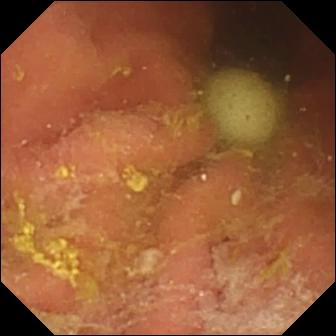This video capsule endoscopy frame shows foreign body (e.g. retained capsule, tablet residue).